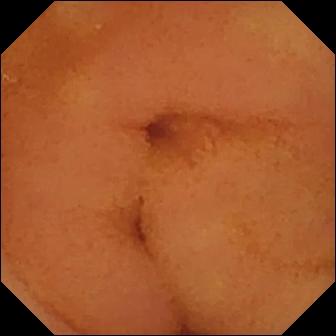modality: VCE
label: normal clean mucosa